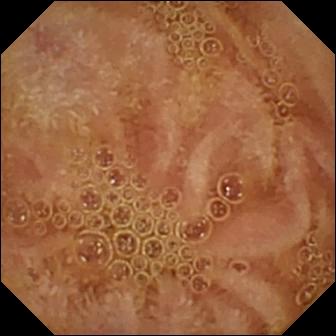Wireless capsule endoscopy view, small intestine
Label: normal clean mucosa